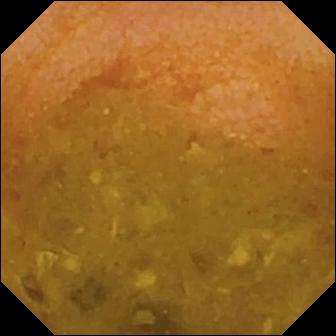Q: What does this video capsule endoscopy still of the small bowel show?
A: Reduced mucosal view (content or bubbles obscuring the mucosa).